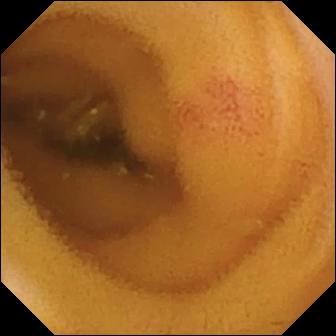VCE snapshot showing angiectasia.